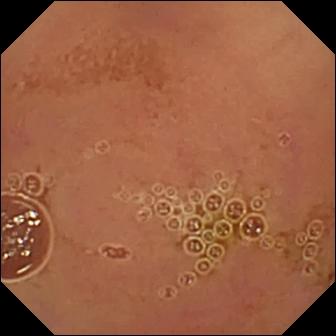Video capsule endoscopy view of the small intestine showing normal clean mucosa.